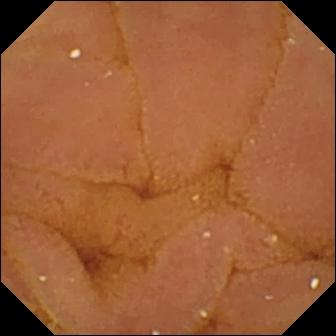modality: VCE; observation: normal clean mucosa